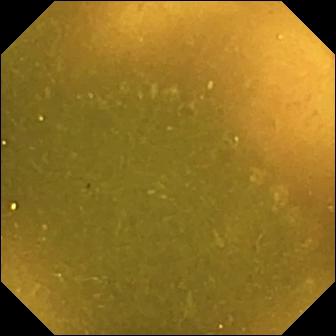This capsule endoscopy snapshot was taken in the ileo-cecal valve region.